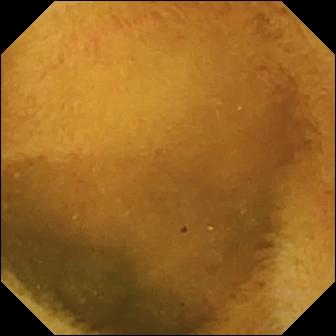Wireless capsule endoscopy — normal clean mucosa.